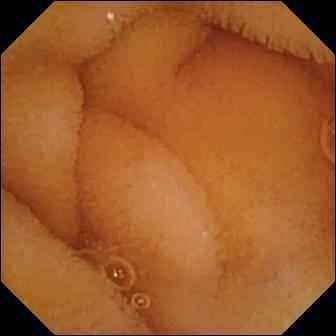{"modality": "WCE", "segment": "small bowel", "finding": "normal clean mucosa"}